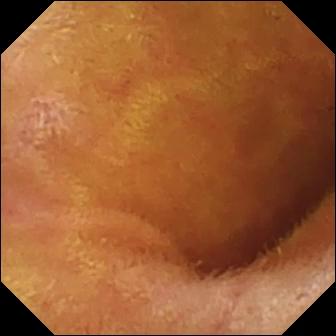PROCEDURE: Video capsule endoscopy.
SEGMENT: Small intestine.
FINDINGS: Normal clean mucosa.